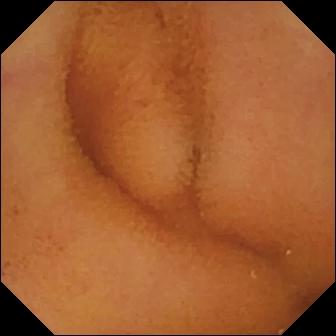PROCEDURE: Small-bowel capsule endoscopy.
FINDINGS: Normal clean mucosa.